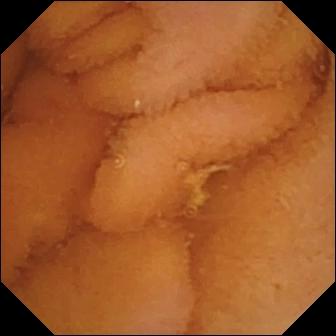Wireless capsule endoscopy view (small intestine). Normal clean mucosa.